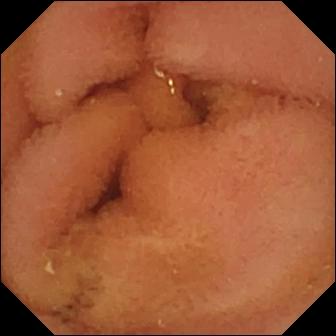{"modality": "WCE", "segment": "small bowel", "finding": "normal clean mucosa"}